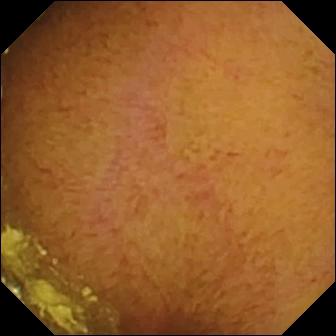- modality: wireless capsule endoscopy
- segment: small intestine
- observation: normal clean mucosa